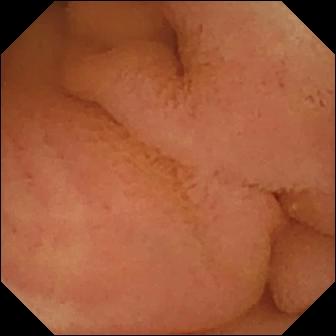{"modality": "WCE", "segment": "small intestine", "category": "luminal finding", "finding": "normal clean mucosa"}